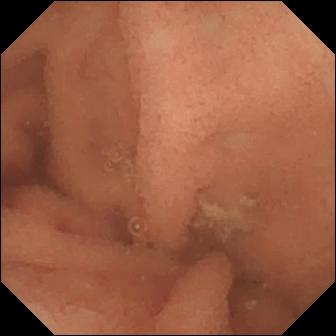This capsule endoscopy still of the small bowel shows normal clean mucosa.